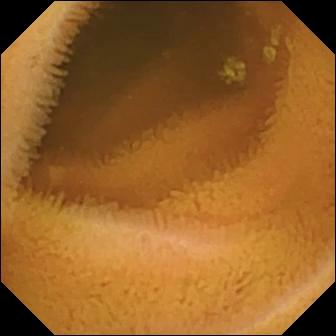Q: What does this video capsule endoscopy still show?
A: Normal clean mucosa.